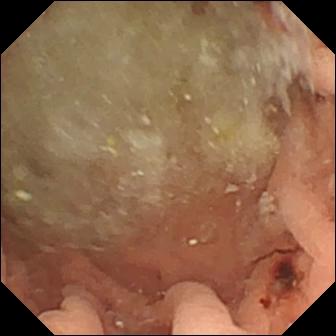Angiectasia.